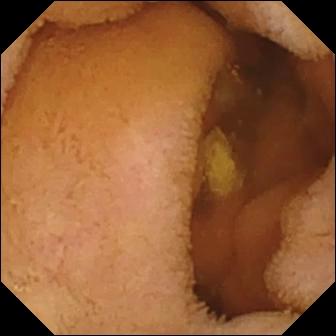Wireless capsule endoscopy still
Observation: normal clean mucosa